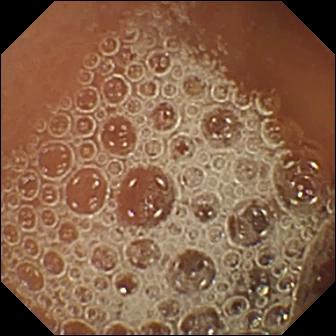{"modality": "small-bowel capsule endoscopy", "finding": "normal clean mucosa"}